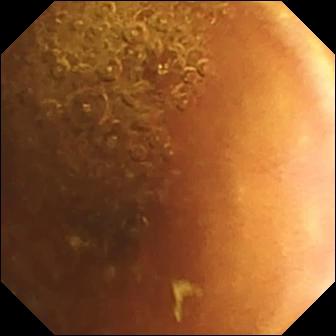Normal clean mucosa — VCE view.